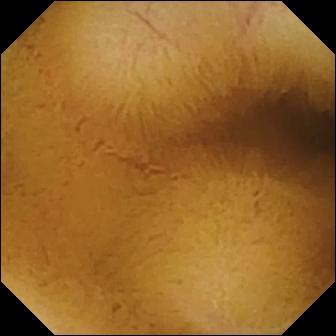{"modality": "WCE", "segment": "small intestine", "finding": "normal clean mucosa"}